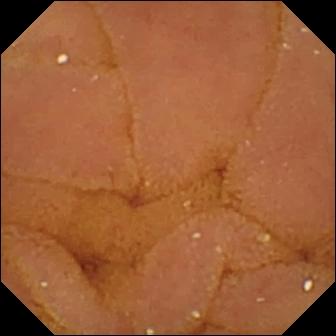modality: capsule endoscopy | segment: small bowel | label: normal clean mucosa